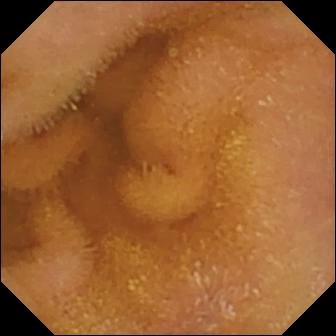Small-bowel capsule endoscopy still
Label: normal clean mucosa